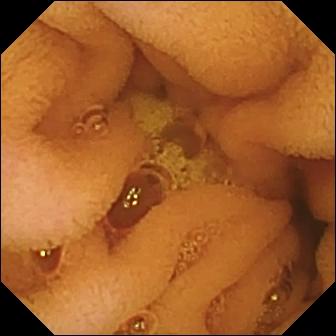Small-bowel capsule endoscopy still of the small intestine showing normal clean mucosa.